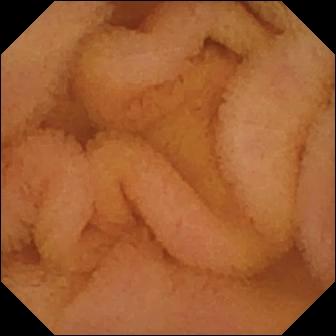VCE snapshot
Impression: normal clean mucosa